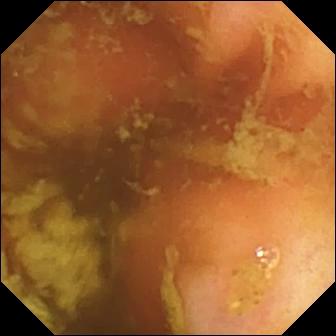- modality: WCE
- label: ileo-cecal valve region (where the capsule passes from the small bowel into the large bowel)